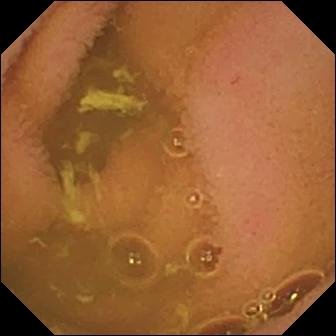Capsule endoscopy snapshot showing normal clean mucosa.